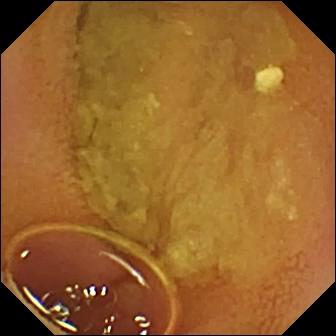PROCEDURE: Wireless capsule endoscopy.
SEGMENT: Small intestine.
FINDINGS: Normal clean mucosa.